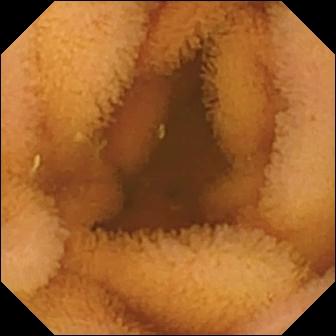Normal clean mucosa.